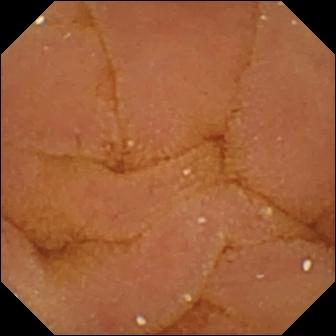Q: What does this WCE frame of the small intestine show?
A: Normal clean mucosa.